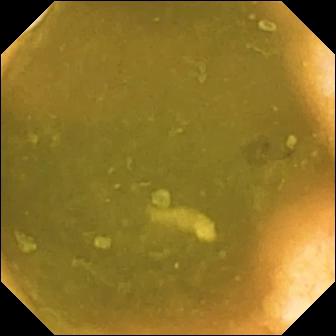This small-bowel capsule endoscopy view was taken in the ileo-cecal valve region (where the capsule passes from the small bowel into the large bowel).